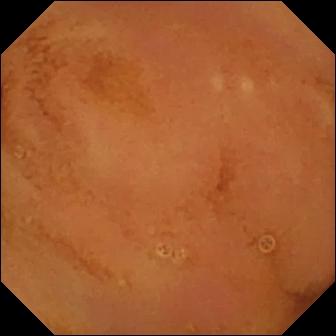Normal clean mucosa — VCE view.